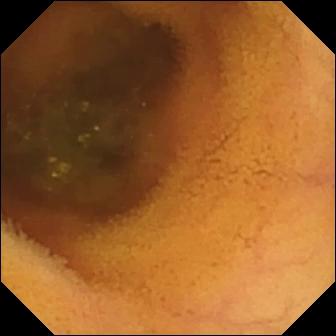Q: What does this capsule endoscopy frame show?
A: Normal clean mucosa.